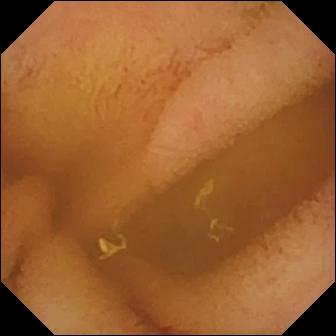PROCEDURE: WCE.
FINDINGS: Normal clean mucosa.